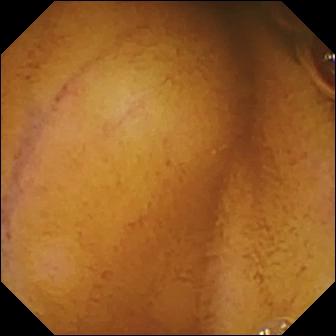Small-bowel capsule endoscopy — normal clean mucosa.